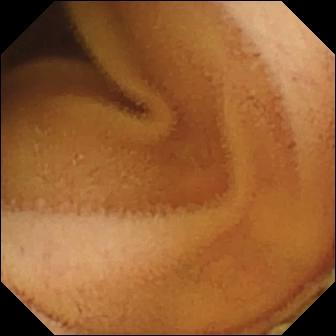PROCEDURE: Video capsule endoscopy.
SEGMENT: Small intestine.
FINDINGS: Normal clean mucosa.